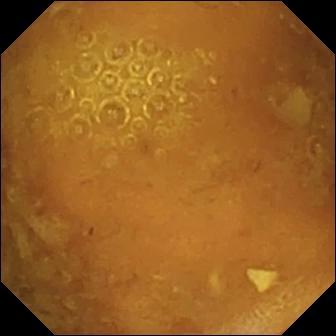Capsule endoscopy still, small bowel
Finding: reduced mucosal view (content or bubbles obscuring the mucosa)